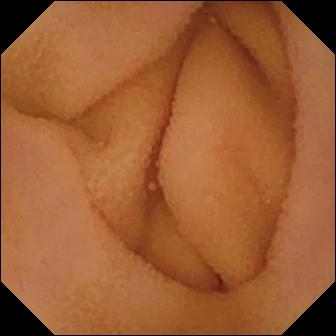modality: video capsule endoscopy
finding: normal clean mucosa